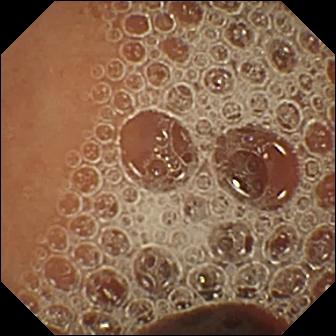PROCEDURE: Capsule endoscopy.
FINDINGS: Normal clean mucosa.